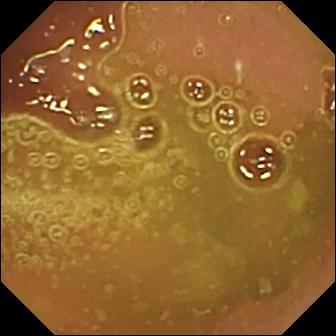- modality: WCE
- category: luminal finding
- label: normal clean mucosa